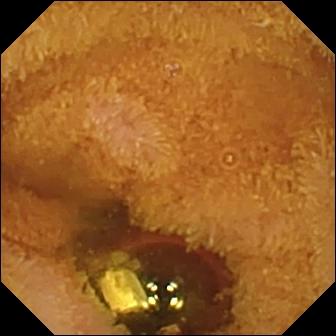VCE still showing foreign body (e.g. retained capsule, tablet residue).